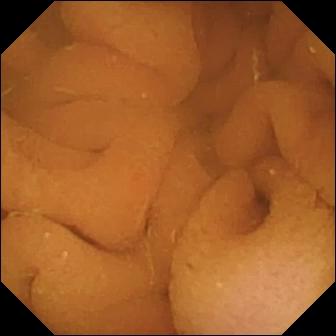VCE snapshot
Finding: normal clean mucosa